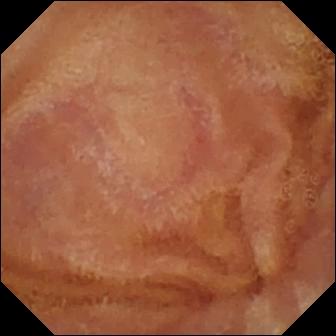VCE. Small intestine. Finding: normal clean mucosa.